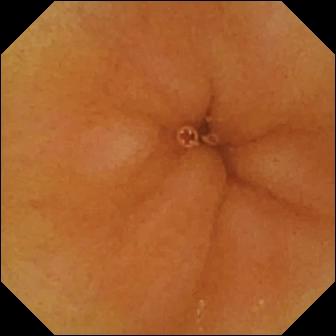{"modality": "WCE", "segment": "small intestine", "finding": "normal clean mucosa"}